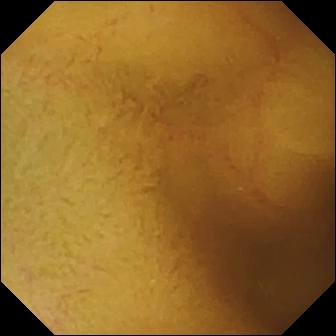Capsule endoscopy snapshot showing normal clean mucosa.